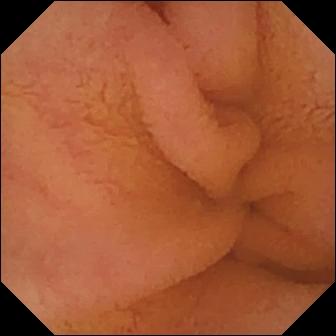Q: What does this video capsule endoscopy image of the small bowel show?
A: Normal clean mucosa.